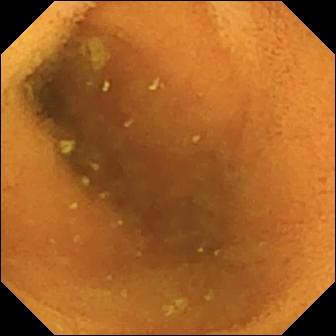Small-bowel capsule endoscopy frame
Finding: normal clean mucosa